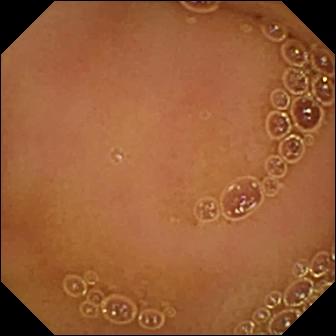PROCEDURE: VCE.
SEGMENT: Small intestine.
FINDINGS: Normal clean mucosa.